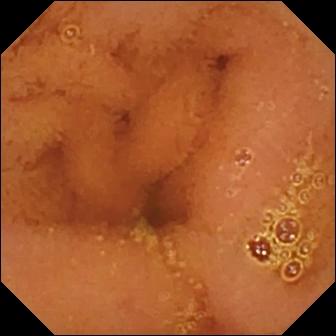modality: WCE | segment: small bowel | category: luminal finding | observation: normal clean mucosa